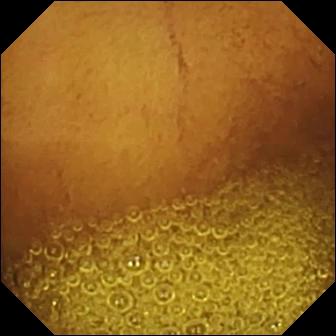Normal clean mucosa.